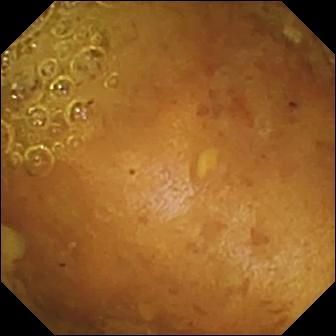modality: VCE
category: luminal finding
finding: reduced mucosal view (content or bubbles obscuring the mucosa)